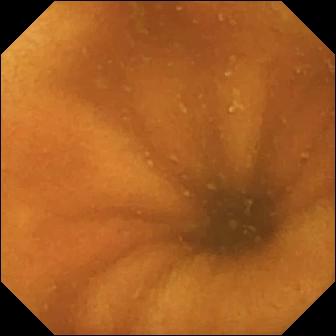PROCEDURE: WCE.
SEGMENT: Small bowel.
FINDINGS: Normal clean mucosa.